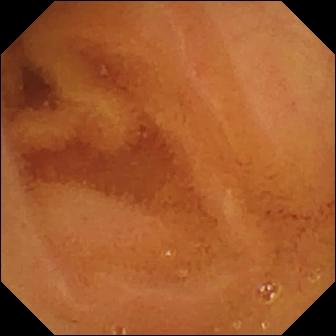Q: What does this video capsule endoscopy snapshot show?
A: Normal clean mucosa.